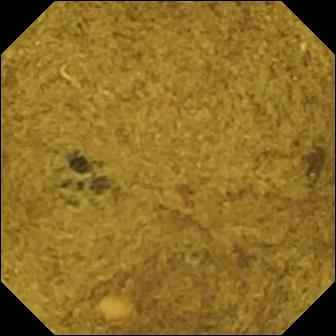Q: Where in the digestive tract was this VCE snapshot taken?
A: Ileo-cecal valve region (the transition from the small bowel to the large bowel).